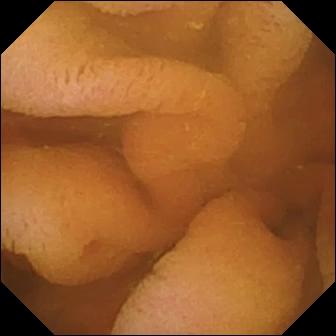WCE. Small bowel. Luminal finding. Label: normal clean mucosa.